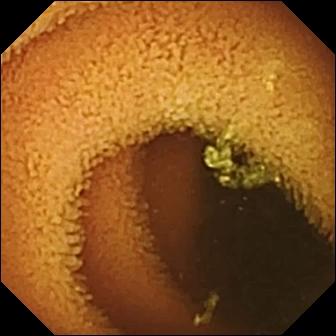Normal clean mucosa.